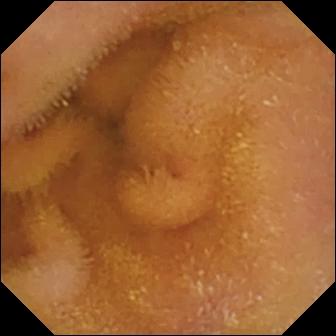Capsule endoscopy frame, small bowel
Observation: normal clean mucosa